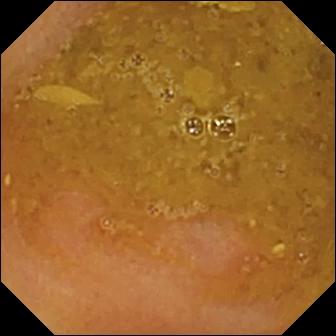Reduced mucosal view (content or bubbles obscuring the mucosa).